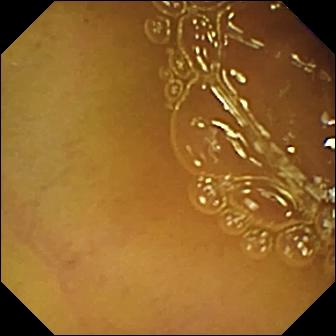Normal clean mucosa.